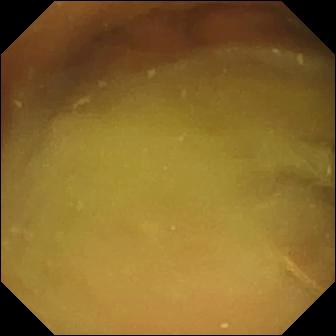{"modality": "small-bowel capsule endoscopy", "finding": "normal clean mucosa"}